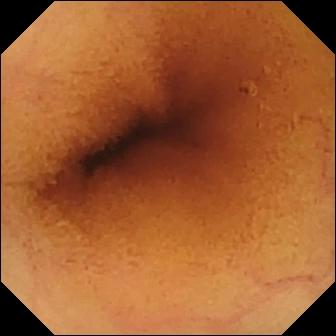PROCEDURE: Wireless capsule endoscopy.
SEGMENT: Small intestine.
FINDINGS: Normal clean mucosa.